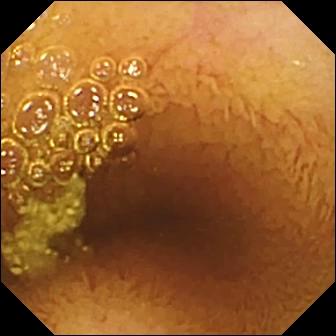Video capsule endoscopy view of the small intestine showing normal clean mucosa.